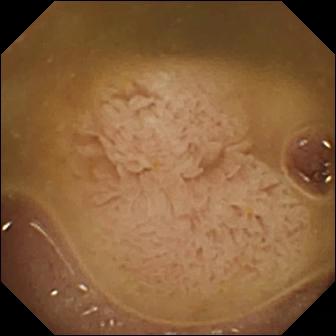VCE. Location: ileo-cecal valve region.